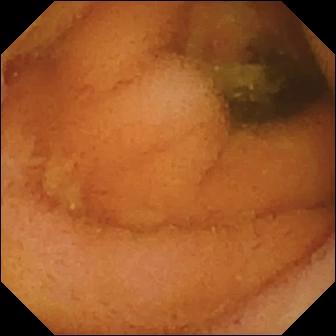Q: What does this video capsule endoscopy snapshot of the small bowel show?
A: Normal clean mucosa.